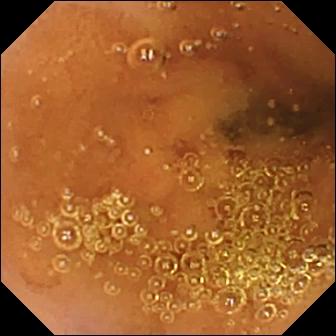Video capsule endoscopy still, small intestine
Observation: normal clean mucosa